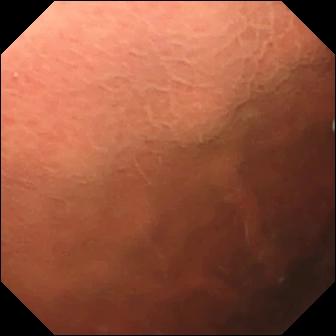PROCEDURE: Small-bowel capsule endoscopy.
POSITION: Pylorus region.